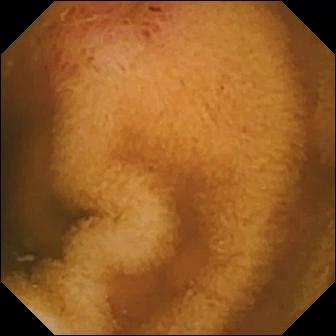{"modality": "VCE", "finding": "erosion"}